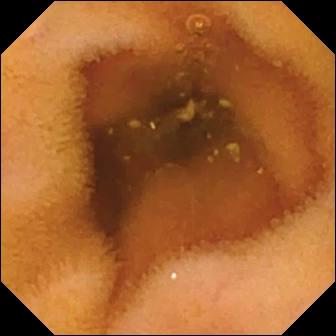WCE — normal clean mucosa.